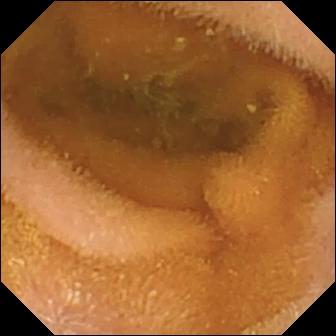WCE still, small intestine
Impression: normal clean mucosa